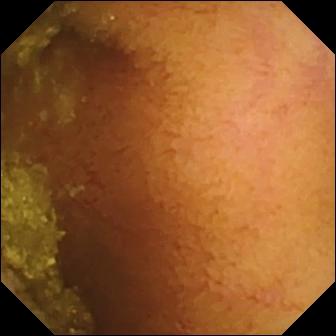modality: VCE | impression: normal clean mucosa